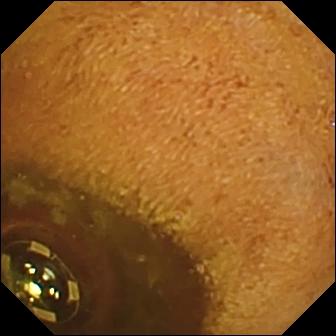{"modality": "wireless capsule endoscopy", "finding": "foreign body (e.g. retained capsule, tablet residue)"}